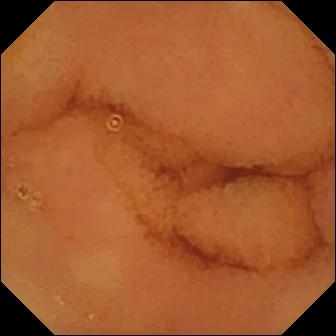{"modality": "video capsule endoscopy", "segment": "small bowel", "finding": "normal clean mucosa"}